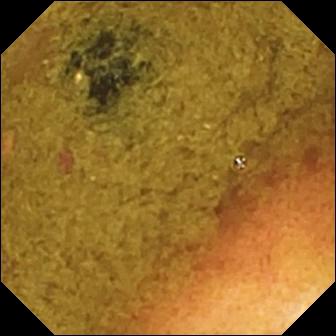Ileo-cecal valve region (the transition from the small bowel to the large bowel) — capsule endoscopy still.